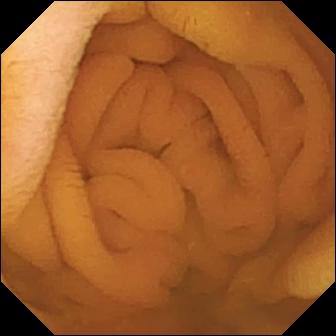- modality: wireless capsule endoscopy
- finding: normal clean mucosa